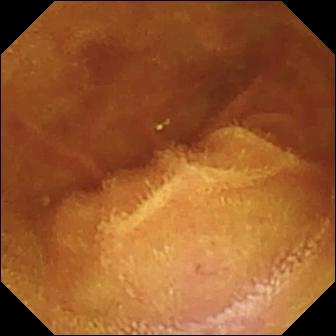Capsule endoscopy. Impression: normal clean mucosa.